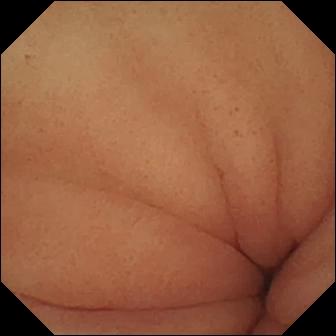modality: small-bowel capsule endoscopy | location: pylorus region (the junction between the stomach and the small bowel)